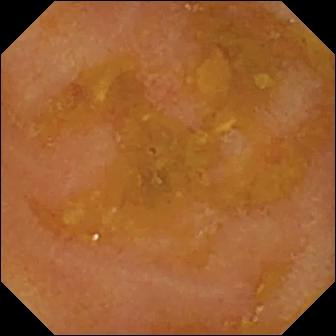Reduced mucosal view (content or bubbles obscuring the mucosa) — small-bowel capsule endoscopy still of the small bowel.